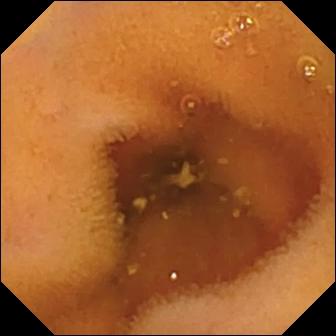VCE view of the small bowel showing normal clean mucosa.